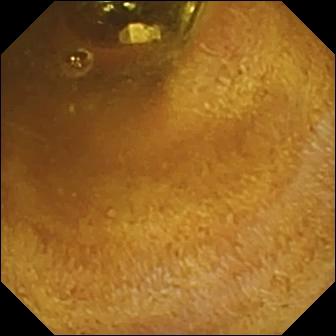Foreign body (e.g. retained capsule, tablet residue).